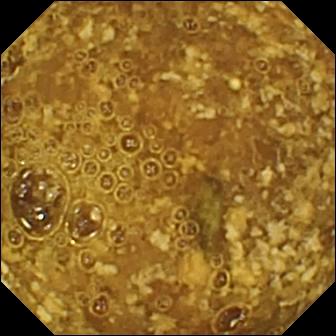Video capsule endoscopy image (small intestine). Reduced mucosal view (content or bubbles obscuring the mucosa).